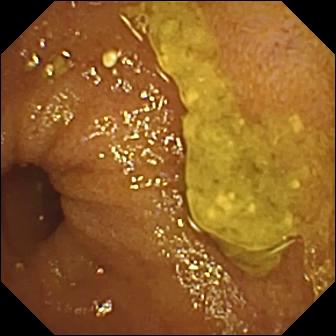Wireless capsule endoscopy. Label: ileo-cecal valve region (the transition from the small bowel to the large bowel).